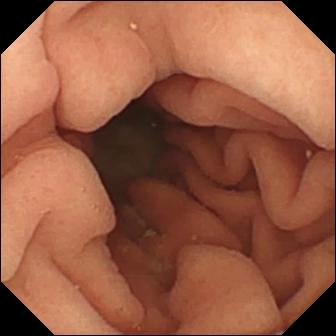VCE snapshot
Location: pylorus region (the junction between the stomach and the small bowel)